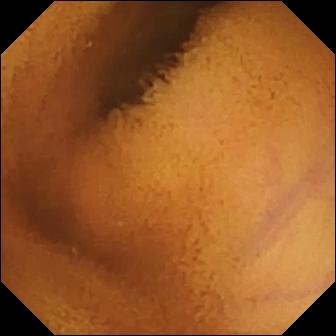Video capsule endoscopy. Luminal finding. Observation: normal clean mucosa.